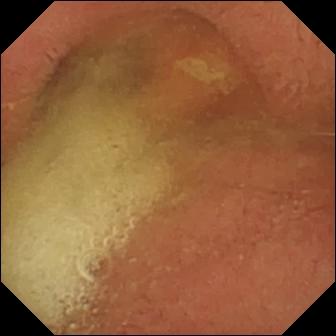Wireless capsule endoscopy — pylorus region (where the capsule passes from the stomach into the small bowel).